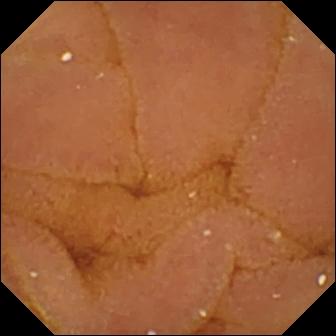Normal clean mucosa — small-bowel capsule endoscopy image of the small bowel.